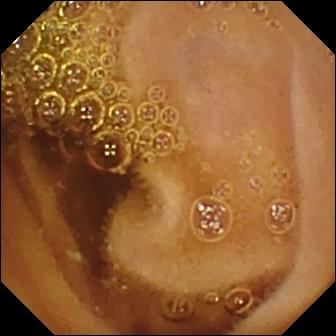PROCEDURE: Video capsule endoscopy.
FINDINGS: Normal clean mucosa.